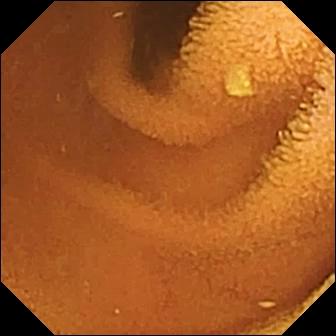- modality: small-bowel capsule endoscopy
- segment: small intestine
- finding: normal clean mucosa